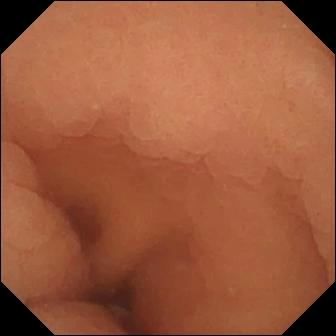Video capsule endoscopy frame
Observation: normal clean mucosa